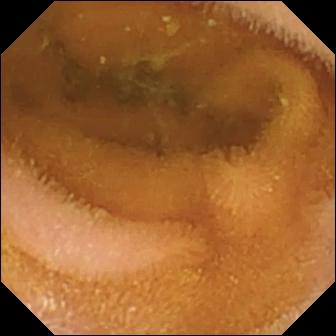Wireless capsule endoscopy still
Finding: normal clean mucosa